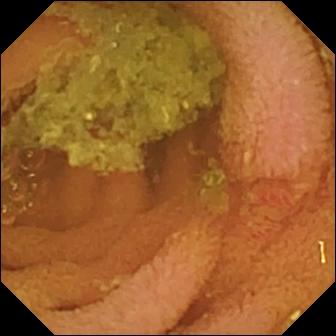This wireless capsule endoscopy frame shows normal clean mucosa.